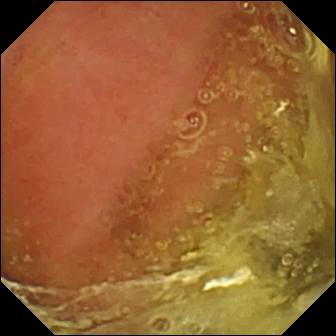Normal clean mucosa — VCE snapshot of the small intestine.